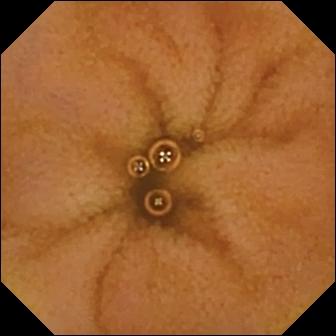Wireless capsule endoscopy — normal clean mucosa.